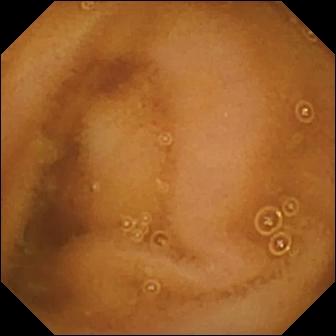Normal clean mucosa.